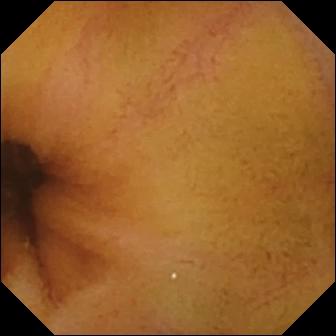Q: What does this capsule endoscopy still of the small bowel show?
A: Normal clean mucosa.